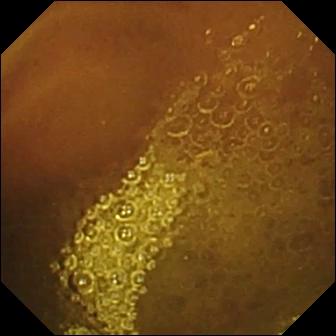Normal clean mucosa — wireless capsule endoscopy frame of the small bowel.